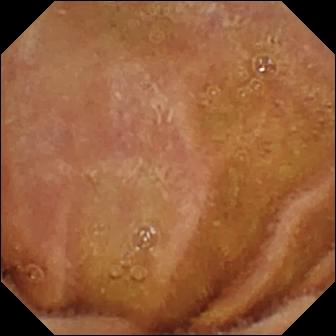Video capsule endoscopy still (small intestine). Normal clean mucosa.